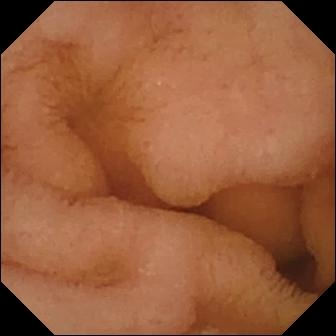Normal clean mucosa — small-bowel capsule endoscopy view of the small bowel.